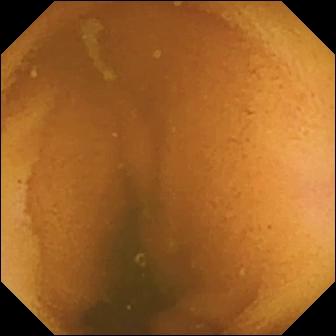Normal clean mucosa — VCE view of the small intestine.